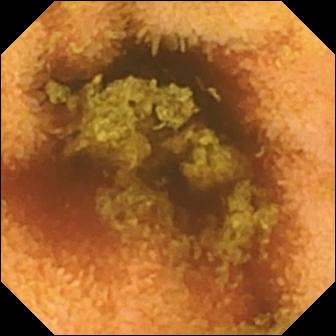{"modality": "video capsule endoscopy", "finding": "normal clean mucosa"}